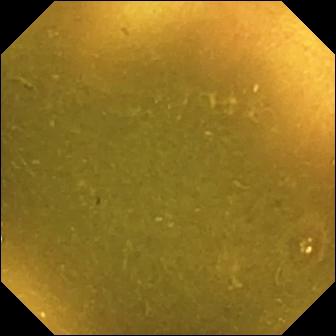Wireless capsule endoscopy — ileo-cecal valve region (the transition from the small bowel to the large bowel).